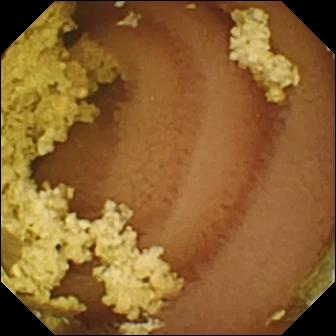Normal clean mucosa — WCE frame.